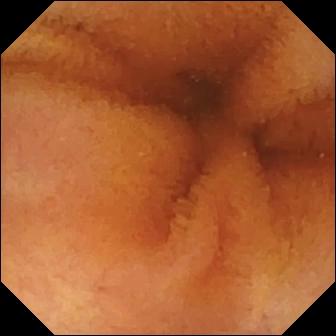Small-bowel capsule endoscopy. Small intestine. Finding: normal clean mucosa.